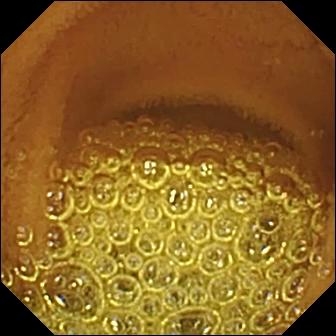Video capsule endoscopy image, small intestine
Label: normal clean mucosa